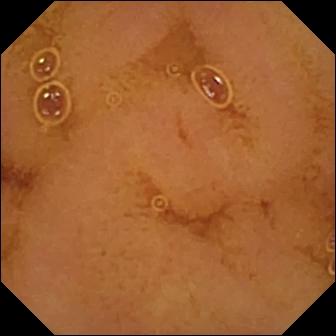PROCEDURE: Wireless capsule endoscopy.
FINDINGS: Normal clean mucosa.